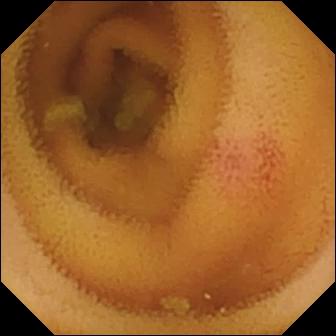Q: What does this small-bowel capsule endoscopy still show?
A: Angiectasia.